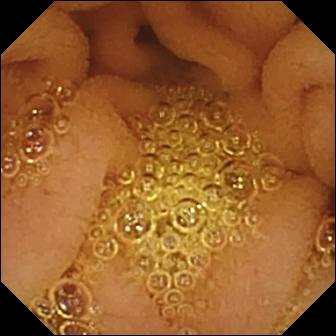- modality: wireless capsule endoscopy
- segment: small bowel
- label: normal clean mucosa